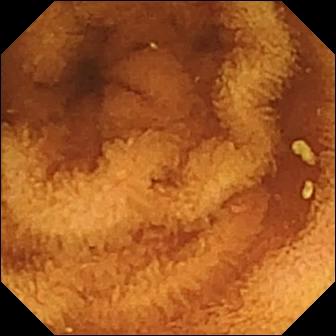{"modality": "video capsule endoscopy", "segment": "small bowel", "finding": "normal clean mucosa"}